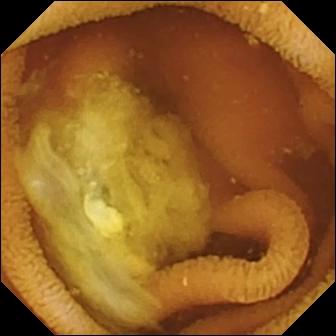WCE image showing normal clean mucosa.